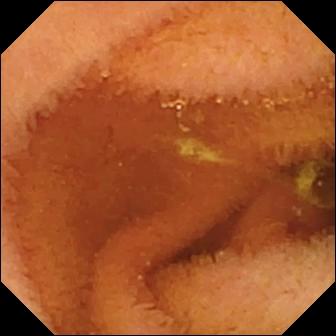Wireless capsule endoscopy frame showing normal clean mucosa.